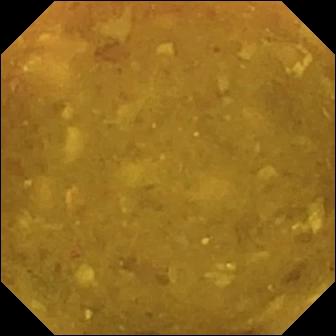Wireless capsule endoscopy — reduced mucosal view (content or bubbles obscuring the mucosa).